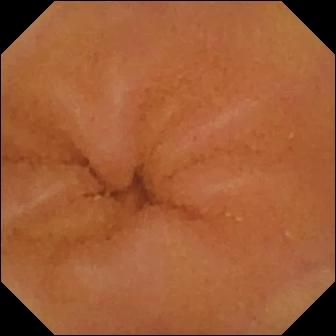Wireless capsule endoscopy snapshot, small intestine
Observation: normal clean mucosa